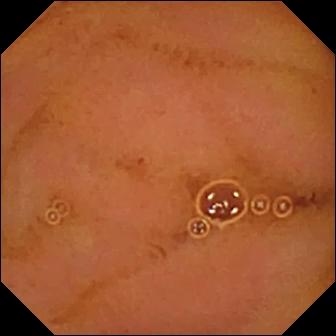- modality: video capsule endoscopy
- category: luminal finding
- impression: normal clean mucosa